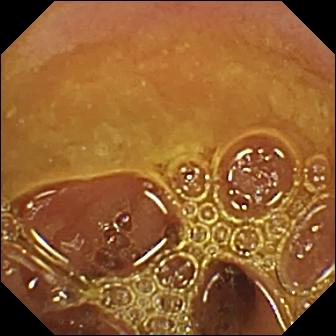Video capsule endoscopy — normal clean mucosa.